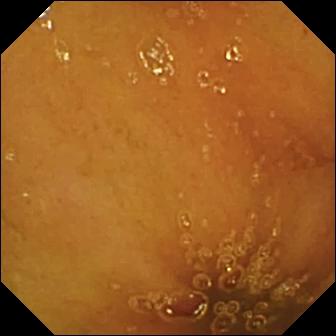Wireless capsule endoscopy snapshot. Normal clean mucosa.